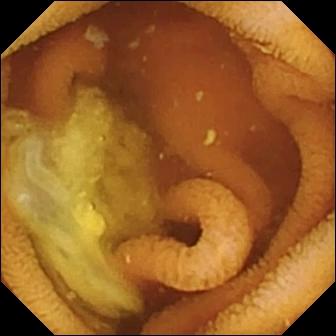This capsule endoscopy snapshot shows normal clean mucosa.